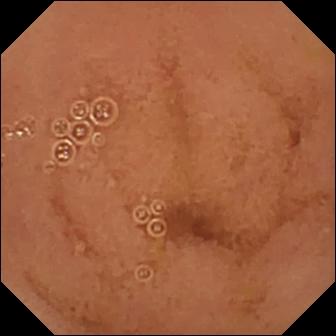{"modality": "capsule endoscopy", "finding": "normal clean mucosa"}